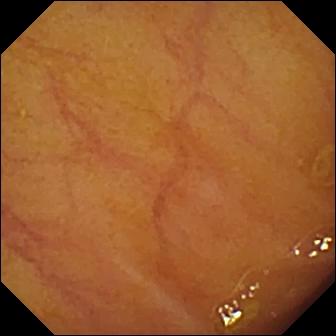Q: Where in the digestive tract was this video capsule endoscopy snapshot taken?
A: Ileo-cecal valve region (the transition from the small bowel to the large bowel).